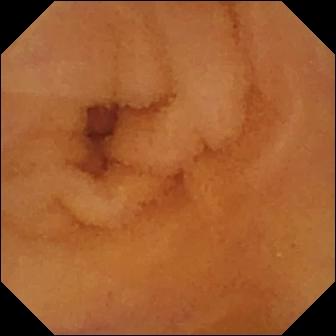Small-bowel capsule endoscopy. Observation: normal clean mucosa.